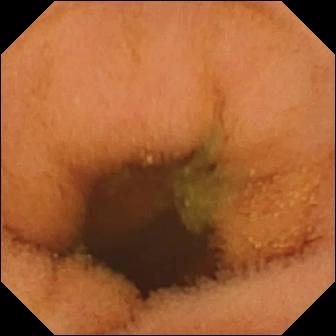Video capsule endoscopy. Luminal finding. Observation: normal clean mucosa.